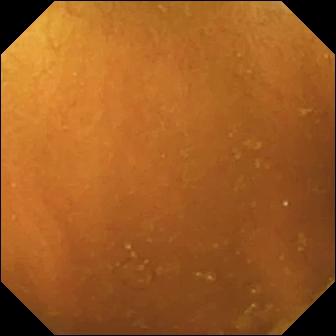Capsule endoscopy — normal clean mucosa.